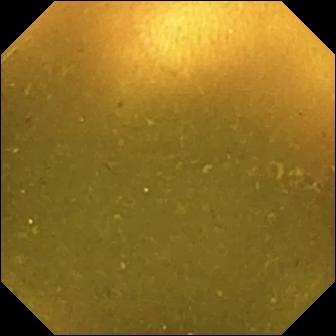Video capsule endoscopy view taken in the ileo-cecal valve region.